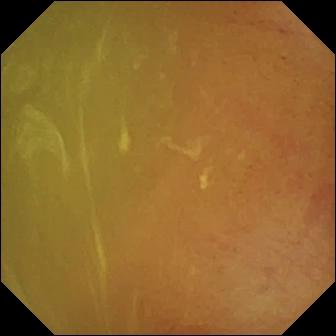Wireless capsule endoscopy snapshot (small intestine). Normal clean mucosa.